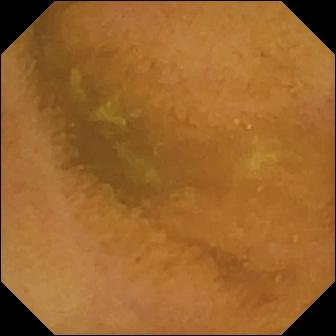Normal clean mucosa (336×336).